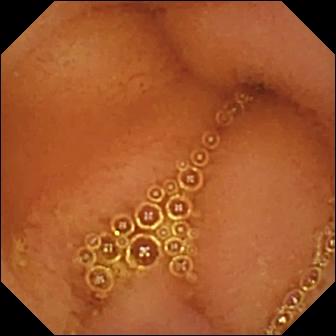Small-bowel capsule endoscopy still (small bowel). Normal clean mucosa.